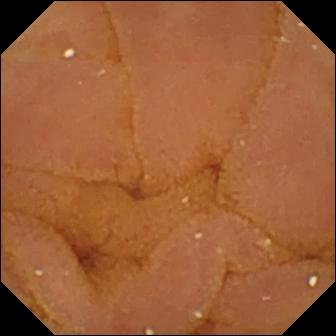Normal clean mucosa — WCE image.